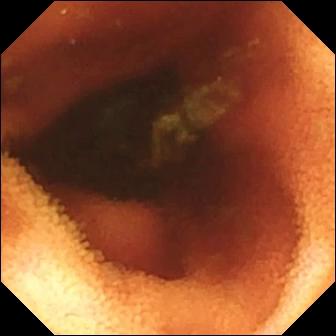Ileo-cecal valve region (the transition from the small bowel to the large bowel).